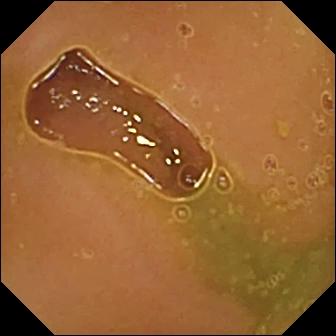Small-bowel capsule endoscopy snapshot
Label: normal clean mucosa